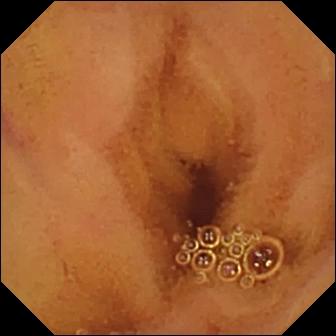Video capsule endoscopy image
Observation: normal clean mucosa